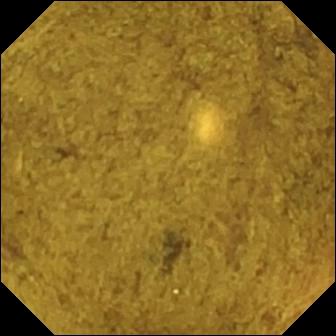Ileo-cecal valve region (the transition from the small bowel to the large bowel) — wireless capsule endoscopy view.